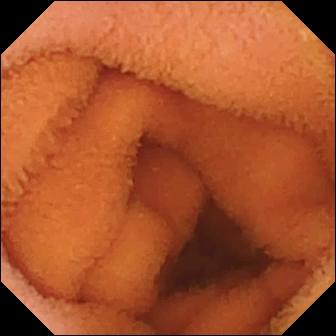Normal clean mucosa.